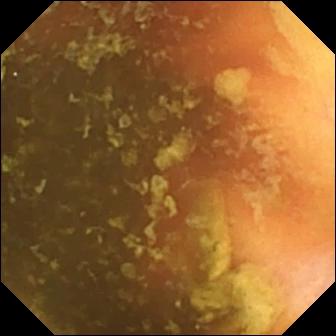modality: small-bowel capsule endoscopy; location: ileo-cecal valve region (the transition from the small bowel to the large bowel)